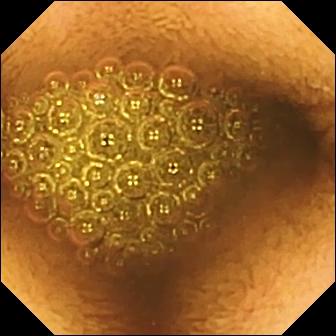Small-bowel capsule endoscopy view of the small bowel showing reduced mucosal view (content or bubbles obscuring the mucosa).